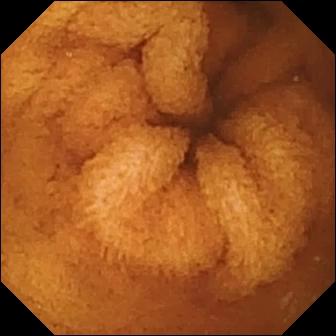WCE view
Label: normal clean mucosa